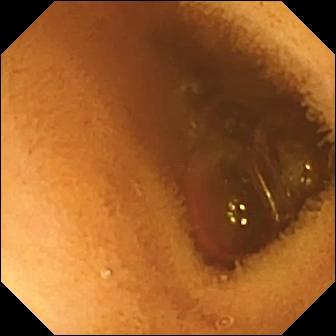Normal clean mucosa (336×336).